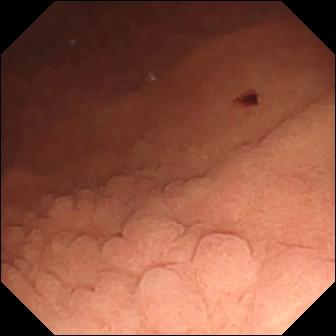Small-bowel capsule endoscopy. Label: angiectasia.